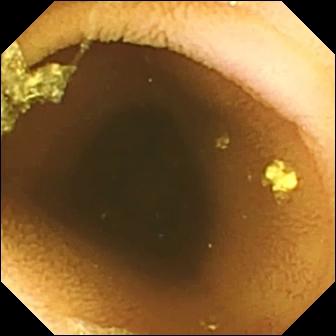Normal clean mucosa — capsule endoscopy snapshot of the small intestine.